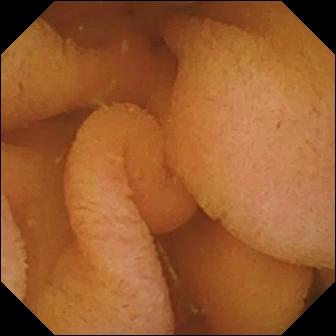- modality: WCE
- label: normal clean mucosa